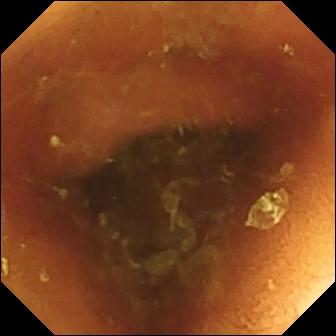modality: wireless capsule endoscopy; finding: normal clean mucosa